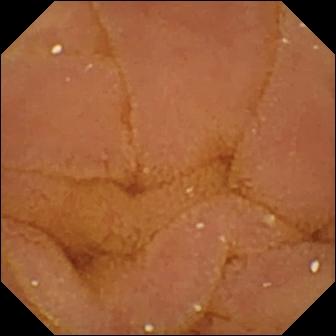Video capsule endoscopy snapshot (small bowel). Normal clean mucosa.